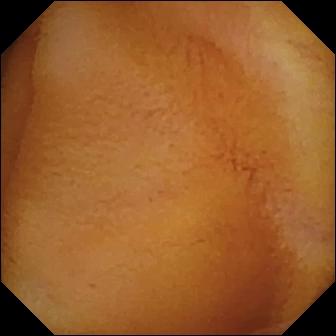Wireless capsule endoscopy view, small intestine
Label: normal clean mucosa